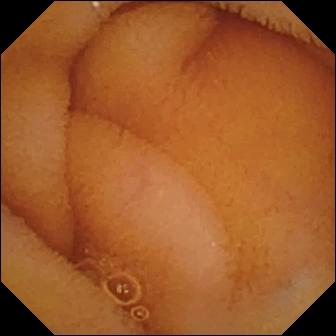Q: What does this capsule endoscopy image of the small intestine show?
A: Normal clean mucosa.